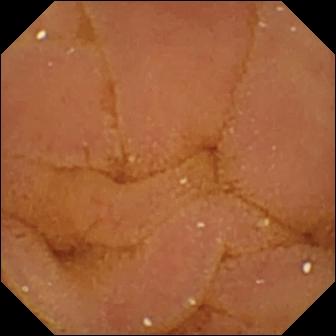Wireless capsule endoscopy still of the small intestine showing normal clean mucosa.